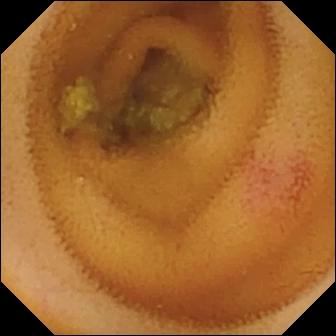Angiectasia — small-bowel capsule endoscopy frame.